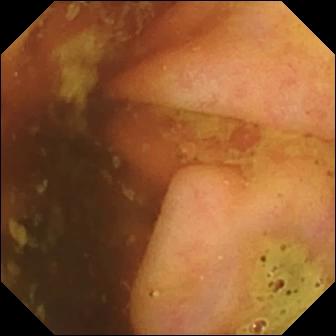Capsule endoscopy — ileo-cecal valve region.